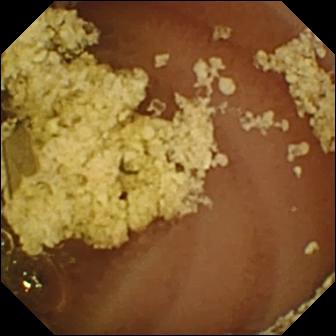Wireless capsule endoscopy still, small bowel
Finding: normal clean mucosa